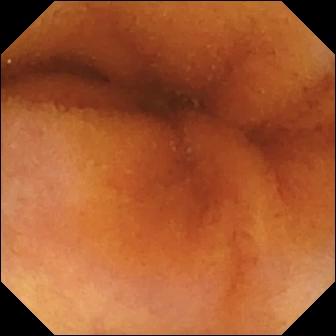This wireless capsule endoscopy image shows normal clean mucosa.